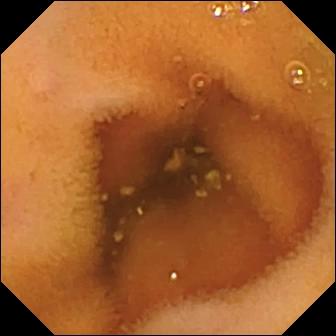- modality: WCE
- segment: small intestine
- label: normal clean mucosa